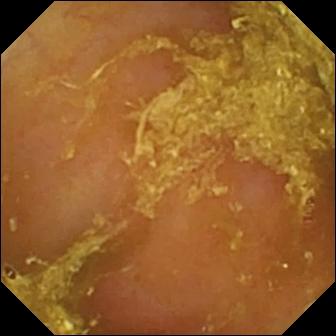Small-bowel capsule endoscopy image (small bowel). Reduced mucosal view (content or bubbles obscuring the mucosa).